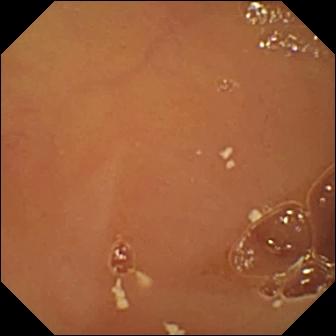VCE. Luminal finding. Label: normal clean mucosa.